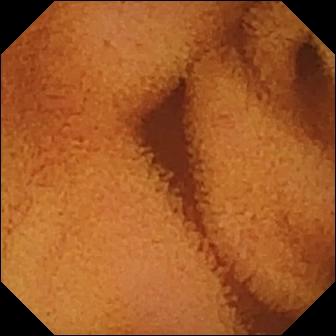PROCEDURE: Capsule endoscopy.
FINDINGS: Normal clean mucosa.